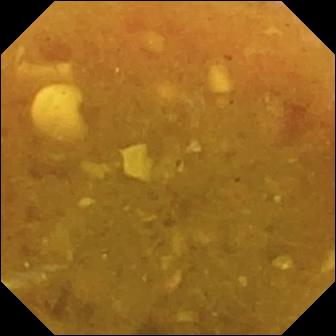Q: What does this video capsule endoscopy frame show?
A: Reduced mucosal view (content or bubbles obscuring the mucosa).